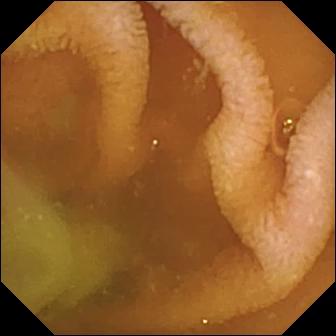{"modality": "capsule endoscopy", "category": "luminal finding", "finding": "normal clean mucosa"}